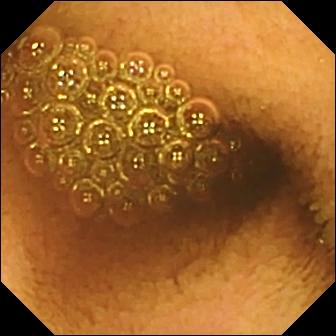- modality: video capsule endoscopy
- segment: small bowel
- category: luminal finding
- finding: reduced mucosal view (content or bubbles obscuring the mucosa)